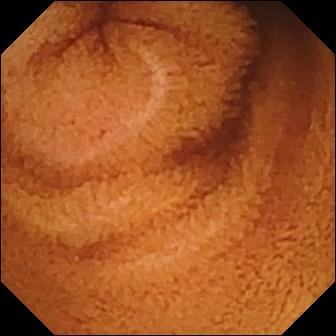- modality: capsule endoscopy
- segment: small intestine
- label: normal clean mucosa